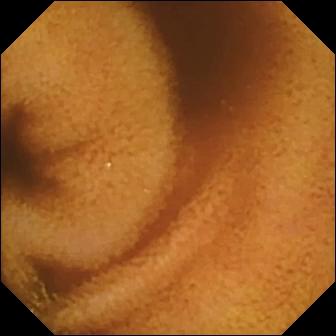Wireless capsule endoscopy. Label: normal clean mucosa.